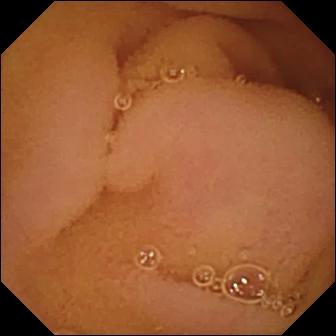Small-bowel capsule endoscopy — normal clean mucosa.